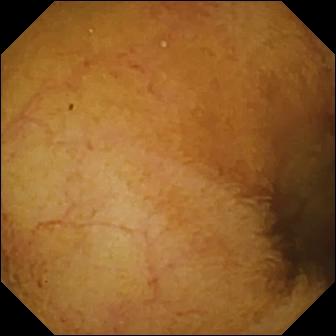Q: What does this VCE view show?
A: Normal clean mucosa.